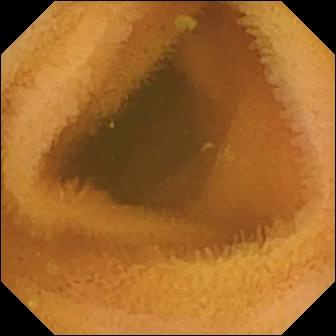- modality: capsule endoscopy
- segment: small bowel
- impression: normal clean mucosa